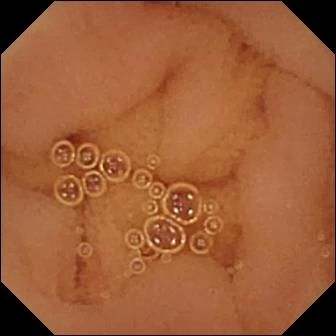{"modality": "WCE", "segment": "small intestine", "finding": "normal clean mucosa"}